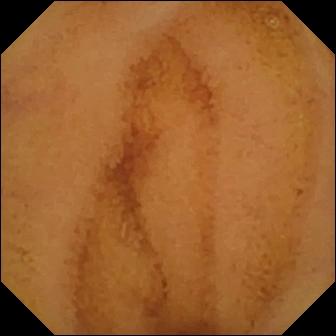WCE frame (small bowel). Normal clean mucosa.